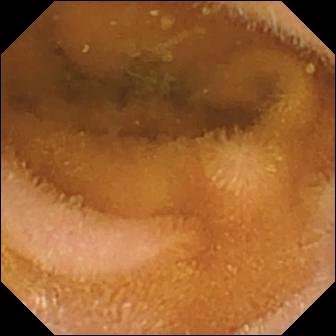PROCEDURE: VCE.
SEGMENT: Small bowel.
FINDINGS: Normal clean mucosa.